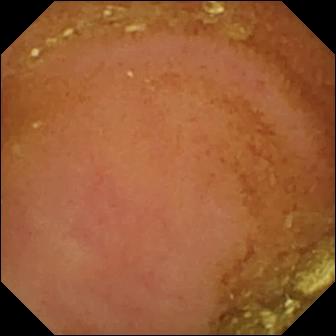Normal clean mucosa.